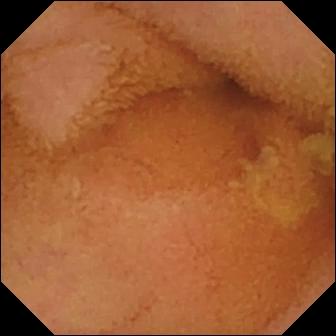VCE frame of the small bowel showing normal clean mucosa.